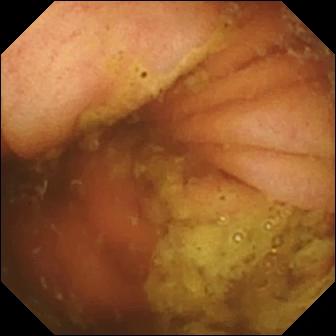modality: capsule endoscopy | position: ileo-cecal valve region (the transition from the small bowel to the large bowel)